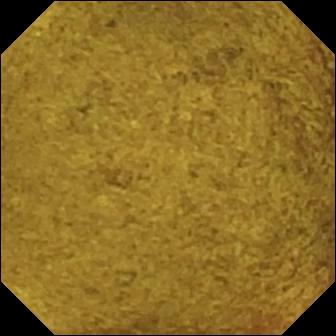Ileo-cecal valve region.